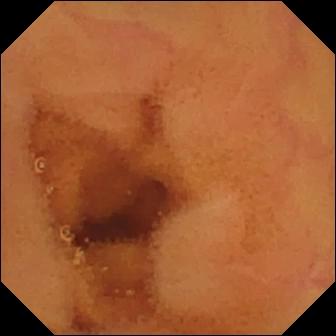WCE snapshot
Label: normal clean mucosa